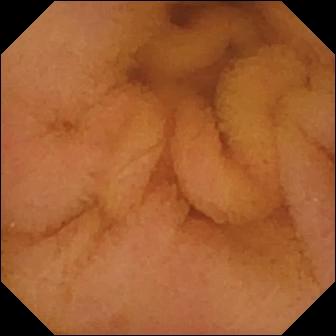PROCEDURE: Wireless capsule endoscopy.
FINDINGS: Normal clean mucosa.